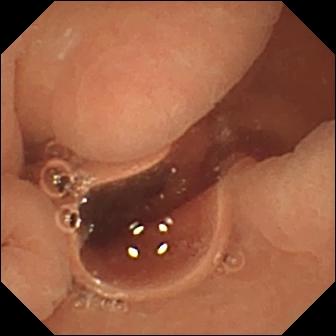Normal clean mucosa — small-bowel capsule endoscopy view.